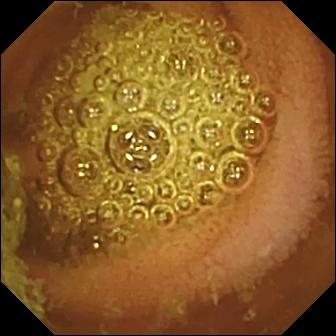Q: What does this WCE frame of the small bowel show?
A: Normal clean mucosa.